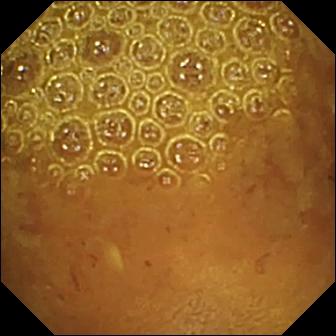modality: WCE | segment: small intestine | observation: reduced mucosal view (content or bubbles obscuring the mucosa)